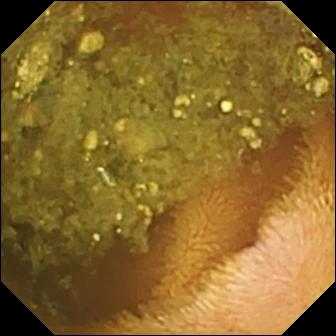modality: WCE
segment: small intestine
finding: reduced mucosal view (content or bubbles obscuring the mucosa)